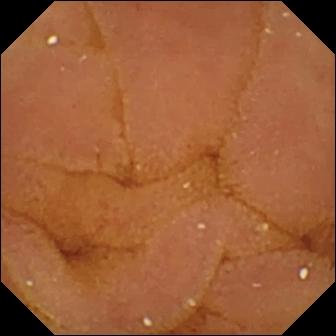Normal clean mucosa (336×336).